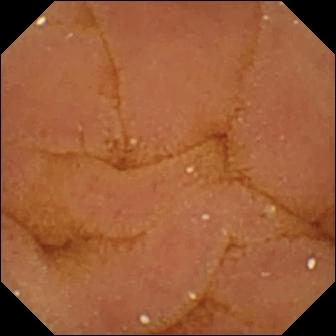VCE image, small intestine
Impression: normal clean mucosa